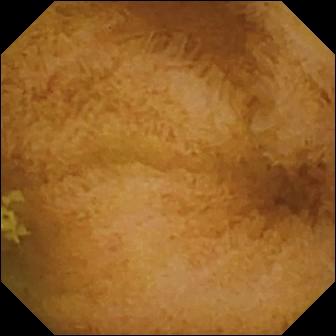Normal clean mucosa.